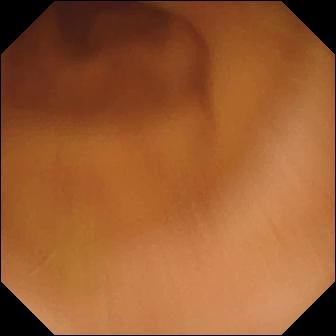{"modality": "VCE", "finding": "normal clean mucosa"}